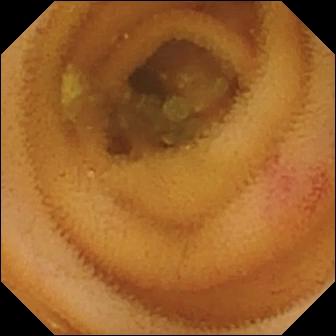Video capsule endoscopy snapshot showing angiectasia.